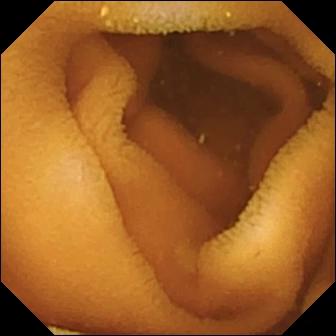WCE. Luminal finding. Finding: normal clean mucosa.